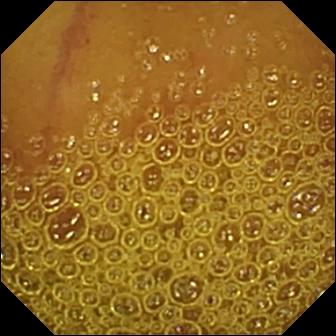This video capsule endoscopy view of the small intestine shows normal clean mucosa.